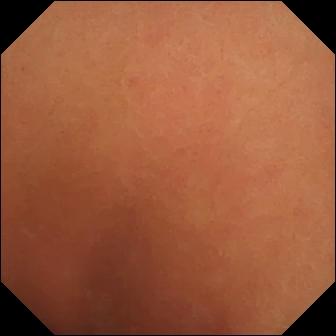Normal clean mucosa.